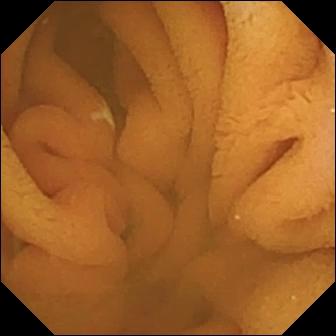VCE — normal clean mucosa.